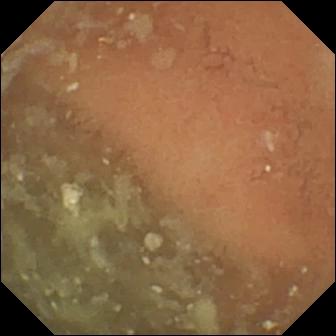VCE — normal clean mucosa.